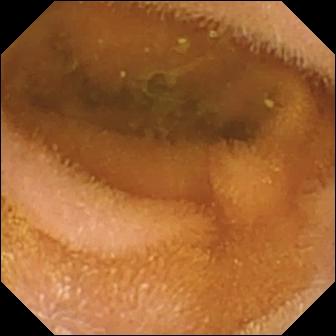Normal clean mucosa — wireless capsule endoscopy still of the small bowel.